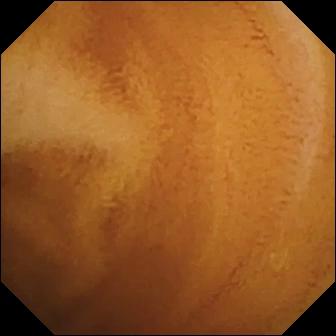modality: WCE | impression: normal clean mucosa